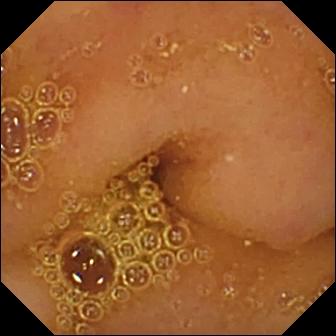Small-bowel capsule endoscopy snapshot (small bowel). Normal clean mucosa.